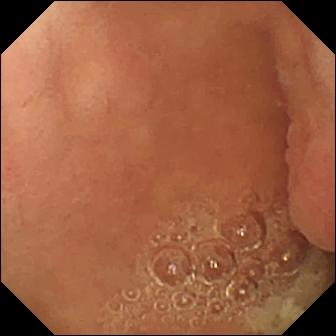Pylorus region (where the capsule passes from the stomach into the small bowel), 336×336.